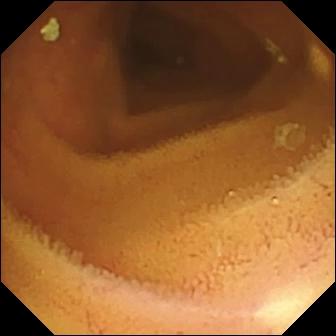Wireless capsule endoscopy frame, 336×336. Normal clean mucosa.